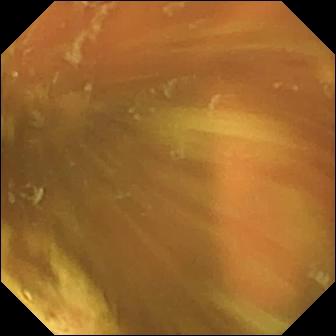- modality: VCE
- position: ileo-cecal valve region (the transition from the small bowel to the large bowel)